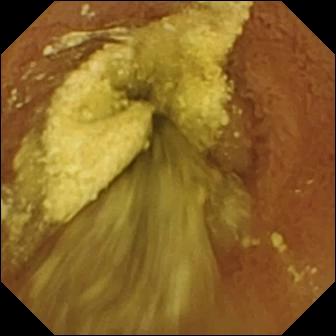{"modality": "capsule endoscopy", "segment": "small intestine", "category": "luminal finding", "finding": "normal clean mucosa"}